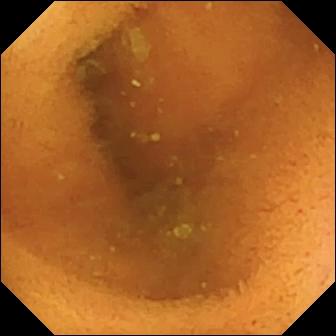Video capsule endoscopy view. Normal clean mucosa.